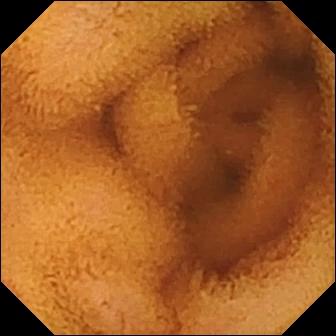Q: What does this capsule endoscopy image show?
A: Normal clean mucosa.